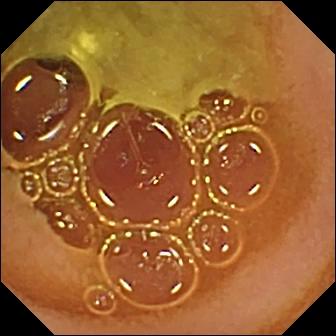PROCEDURE: Wireless capsule endoscopy.
SEGMENT: Small bowel.
FINDINGS: Normal clean mucosa.